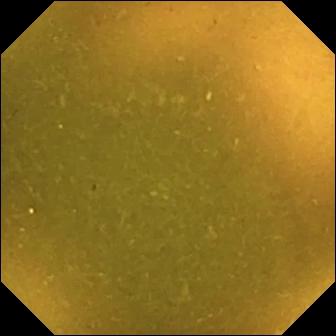{"modality": "capsule endoscopy", "position": "ileo-cecal valve region (the transition from the small bowel to the large bowel)"}